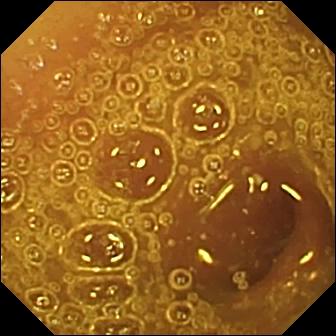Video capsule endoscopy — normal clean mucosa.